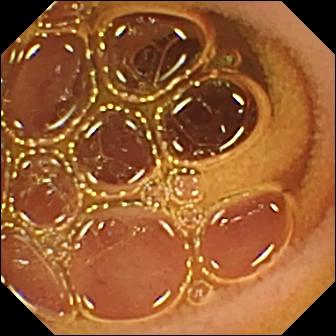Normal clean mucosa.